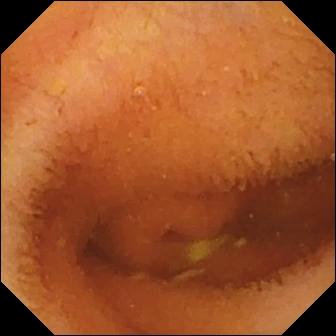Q: What does this VCE image of the small bowel show?
A: Normal clean mucosa.